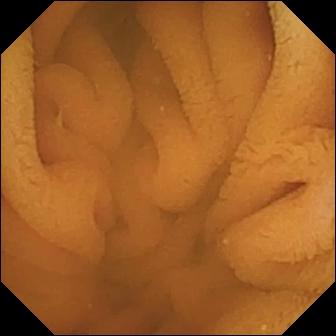- modality: capsule endoscopy
- category: luminal finding
- impression: normal clean mucosa